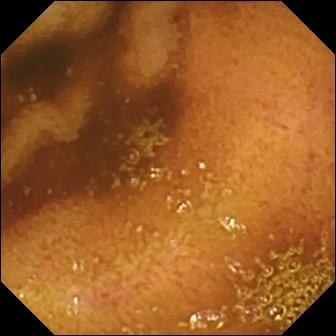Q: What does this video capsule endoscopy view of the small bowel show?
A: Normal clean mucosa.